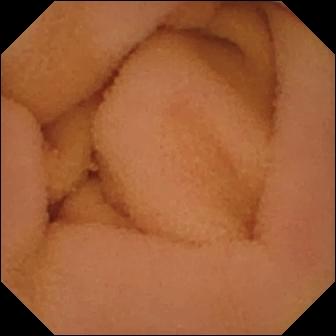{"modality": "video capsule endoscopy", "finding": "normal clean mucosa"}